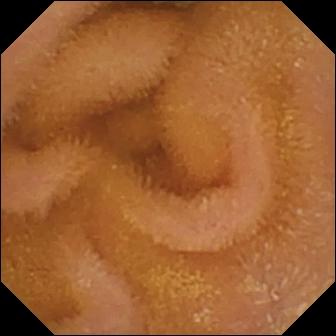Video capsule endoscopy. Luminal finding. Observation: normal clean mucosa.